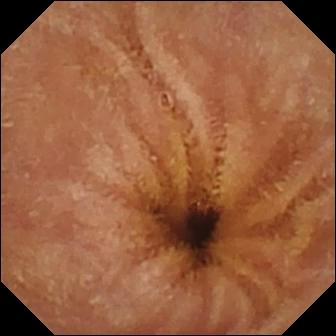PROCEDURE: VCE.
FINDINGS: Normal clean mucosa.